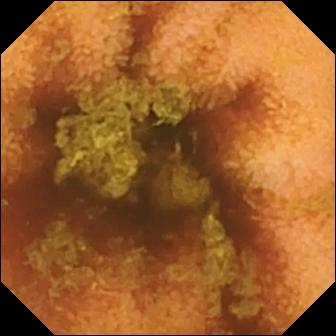Capsule endoscopy — normal clean mucosa.